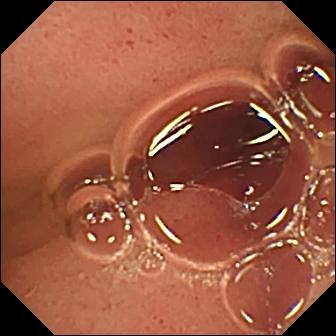modality: WCE; video segment: pylorus region